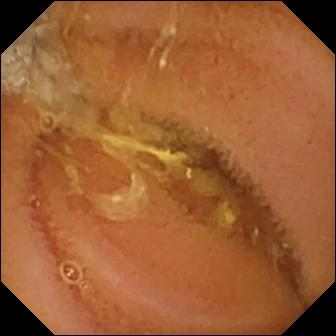- modality: small-bowel capsule endoscopy
- observation: normal clean mucosa